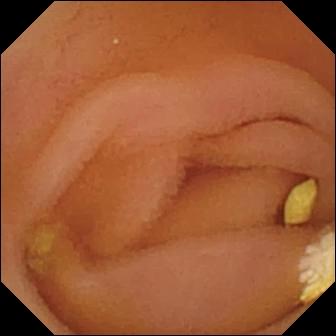WCE snapshot. Lymphangiectasia.